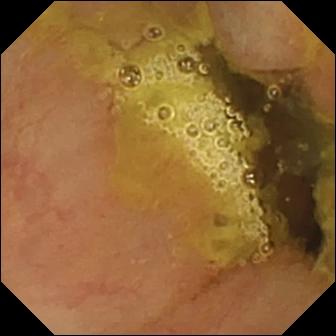- modality: video capsule endoscopy
- location: ileo-cecal valve region (the transition from the small bowel to the large bowel)